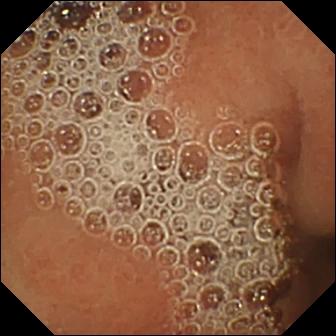modality: capsule endoscopy
category: luminal finding
observation: normal clean mucosa